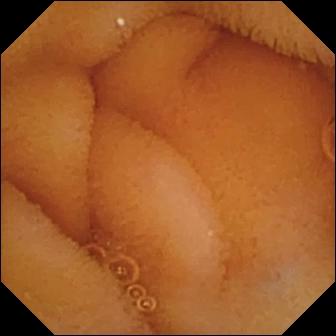modality: WCE; segment: small intestine; category: luminal finding; impression: normal clean mucosa